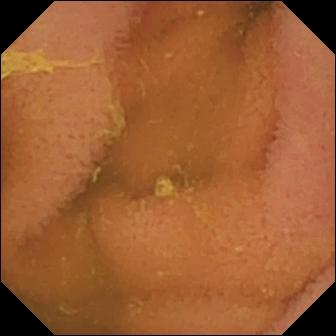Normal clean mucosa.